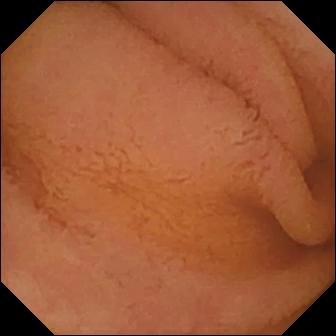Video capsule endoscopy. Label: normal clean mucosa.